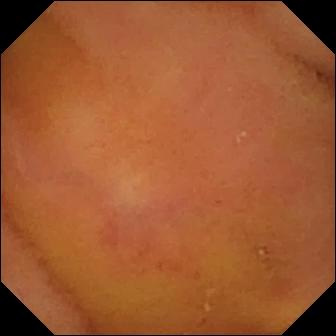WCE. Observation: normal clean mucosa.